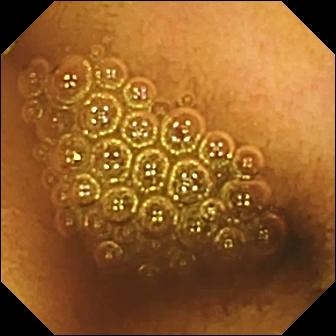VCE view
Impression: reduced mucosal view (content or bubbles obscuring the mucosa)